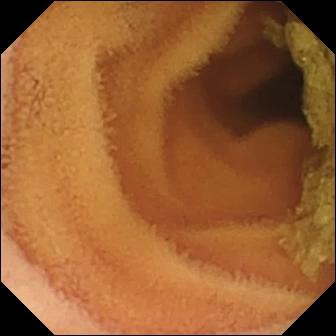- modality: video capsule endoscopy
- segment: small intestine
- category: luminal finding
- finding: normal clean mucosa